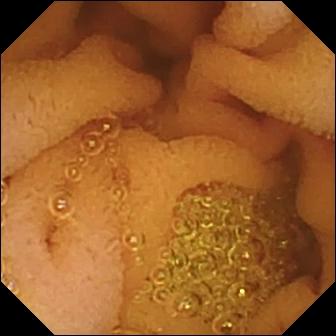VCE. Finding: normal clean mucosa.